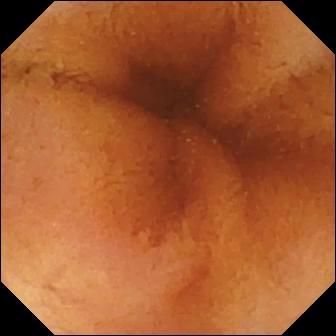Capsule endoscopy still, small bowel
Label: normal clean mucosa